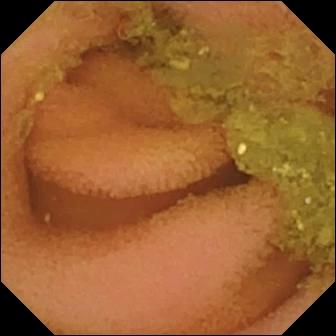This capsule endoscopy image shows normal clean mucosa.